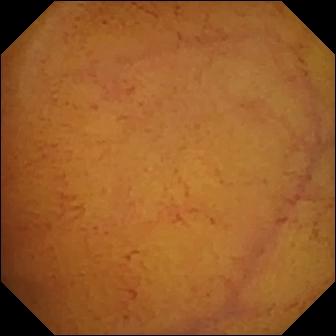This WCE frame of the small intestine shows normal clean mucosa.